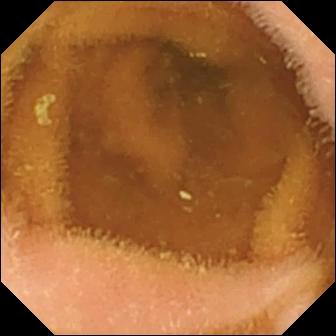Normal clean mucosa (336×336).